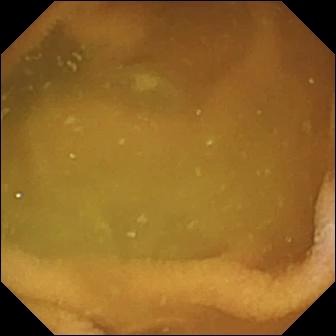Capsule endoscopy — normal clean mucosa.